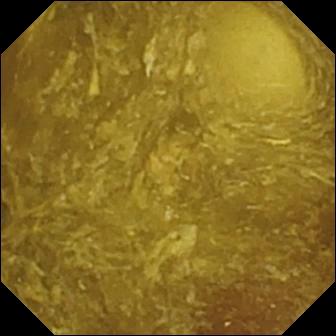Video capsule endoscopy. Small bowel. Label: reduced mucosal view (content or bubbles obscuring the mucosa).